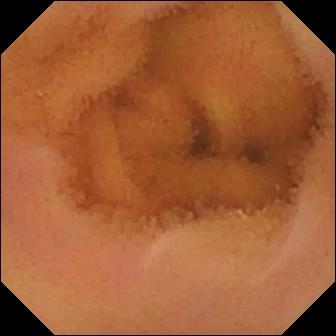VCE. Small intestine. Luminal finding. Impression: normal clean mucosa.